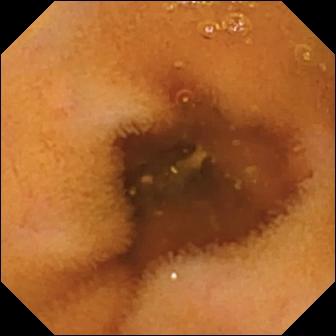This small-bowel capsule endoscopy image of the small intestine shows normal clean mucosa.